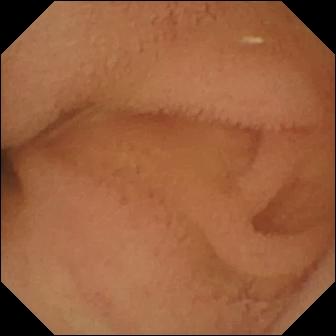Normal clean mucosa — video capsule endoscopy still of the small intestine.